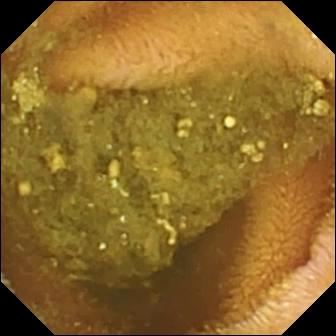This wireless capsule endoscopy image shows reduced mucosal view (content or bubbles obscuring the mucosa).